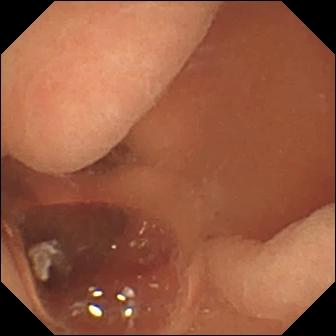PROCEDURE: Video capsule endoscopy.
FINDINGS: Normal clean mucosa.